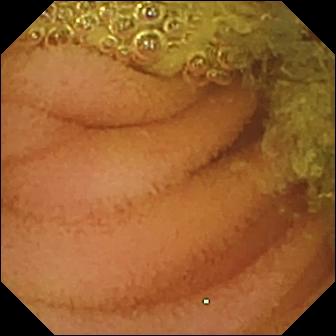Q: What does this capsule endoscopy still show?
A: Normal clean mucosa.